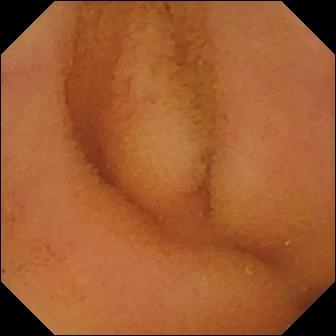Small-bowel capsule endoscopy. Finding: normal clean mucosa.